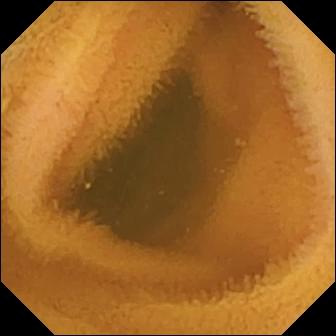This capsule endoscopy still of the small intestine shows normal clean mucosa.